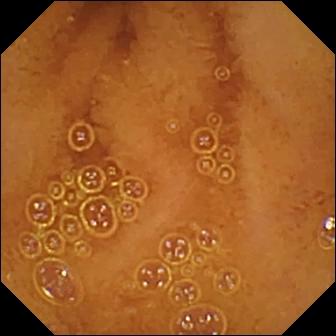- modality: capsule endoscopy
- category: luminal finding
- finding: normal clean mucosa